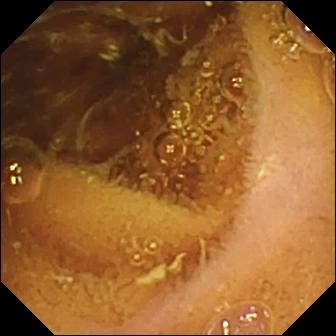Capsule endoscopy — normal clean mucosa.